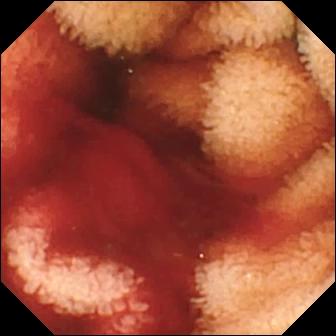VCE image
Observation: fresh blood in the lumen